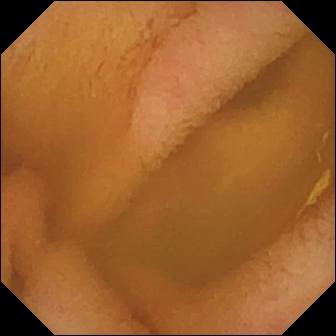VCE view of the small bowel showing normal clean mucosa.